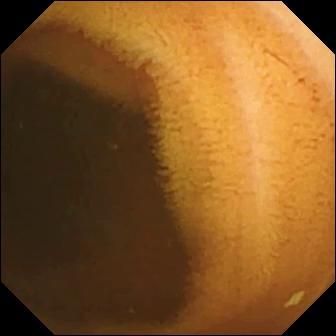This small-bowel capsule endoscopy image of the small bowel shows normal clean mucosa.